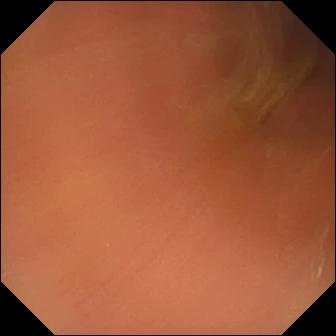{"modality": "capsule endoscopy", "category": "anatomical landmark", "position": "pylorus region (where the capsule passes from the stomach into the small bowel)"}